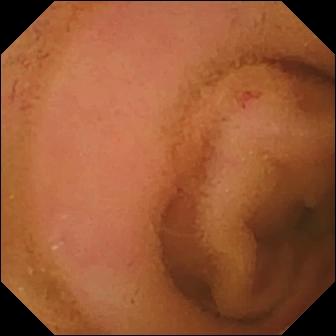Q: What does this small-bowel capsule endoscopy still show?
A: Normal clean mucosa.